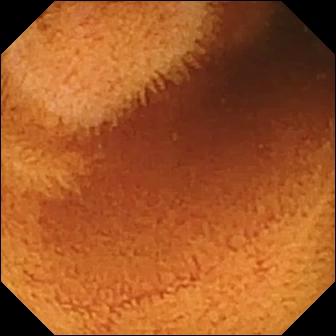WCE image of the small bowel showing normal clean mucosa.